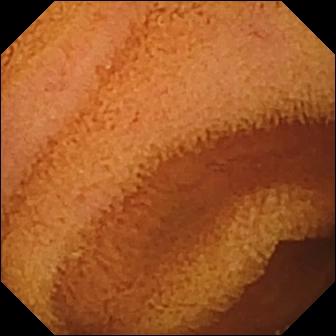Q: What does this small-bowel capsule endoscopy image show?
A: Normal clean mucosa.